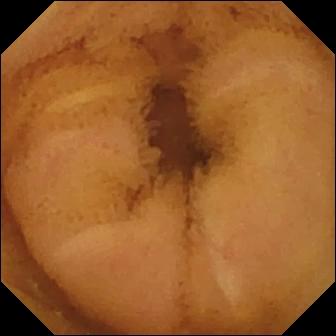Video capsule endoscopy snapshot
Impression: normal clean mucosa